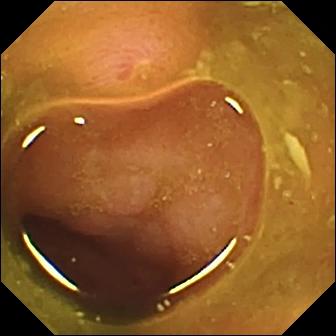VCE. Label: erosion.